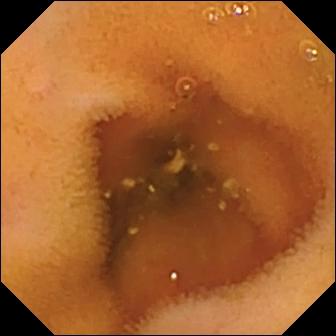This wireless capsule endoscopy snapshot shows normal clean mucosa.